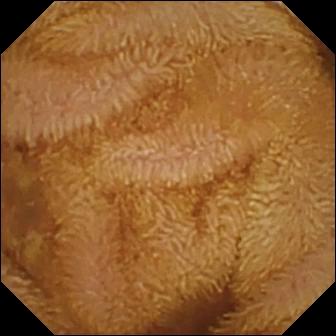modality: video capsule endoscopy | segment: small bowel | label: normal clean mucosa